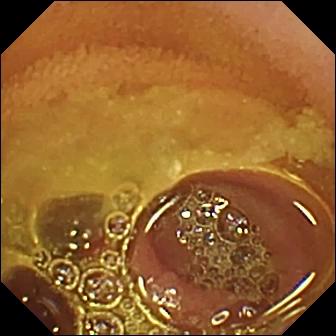modality: capsule endoscopy
observation: normal clean mucosa